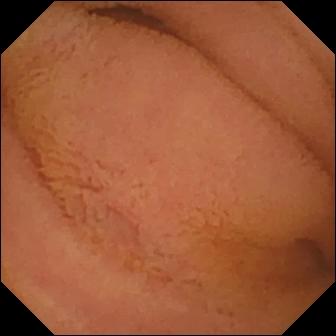PROCEDURE: WCE.
SEGMENT: Small intestine.
FINDINGS: Normal clean mucosa.